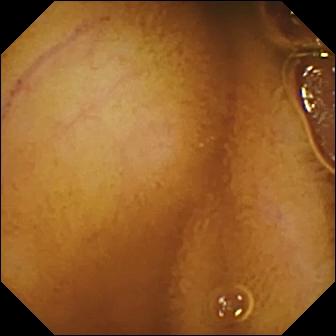WCE. Impression: normal clean mucosa.